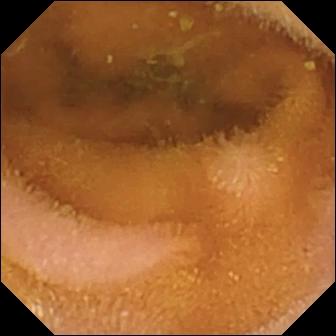Normal clean mucosa.